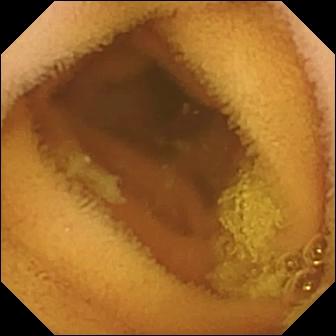PROCEDURE: Video capsule endoscopy.
FINDINGS: Normal clean mucosa.